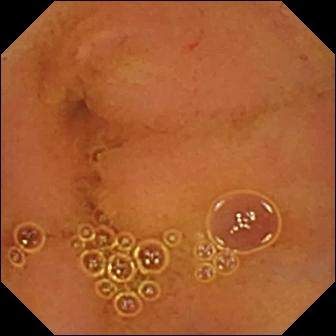{"modality": "WCE", "finding": "normal clean mucosa"}